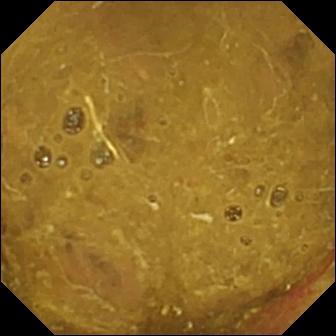This wireless capsule endoscopy frame was taken in the ileo-cecal valve region (the transition from the small bowel to the large bowel).